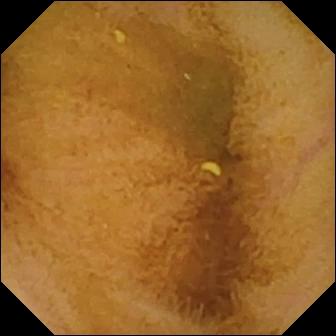PROCEDURE: VCE.
FINDINGS: Normal clean mucosa.